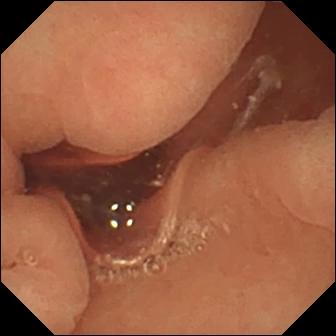VCE snapshot, 336×336. Normal clean mucosa.